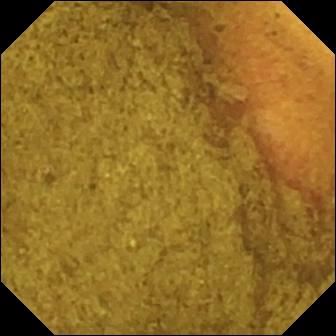Q: Where in the digestive tract was this wireless capsule endoscopy view taken?
A: Ileo-cecal valve region (the transition from the small bowel to the large bowel).